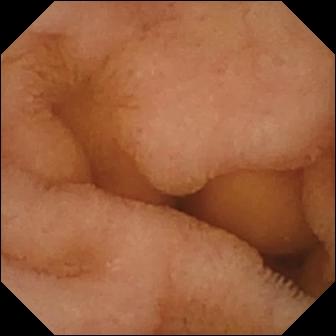PROCEDURE: Wireless capsule endoscopy.
FINDINGS: Normal clean mucosa.